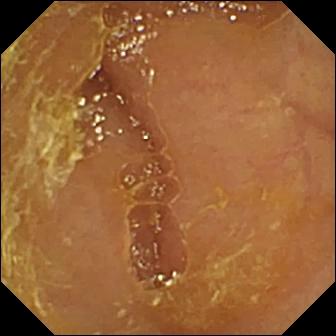VCE. Label: reduced mucosal view (content or bubbles obscuring the mucosa).